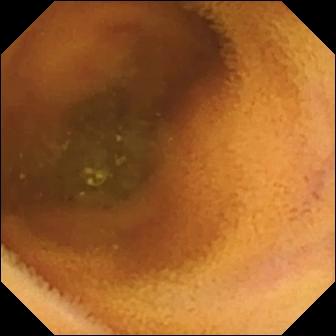{"modality": "VCE", "category": "luminal finding", "finding": "normal clean mucosa"}